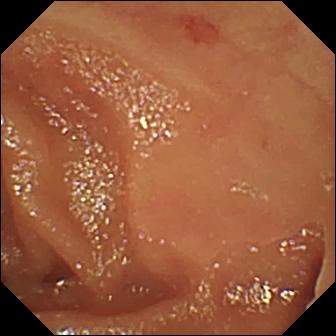WCE. Observation: angiectasia.